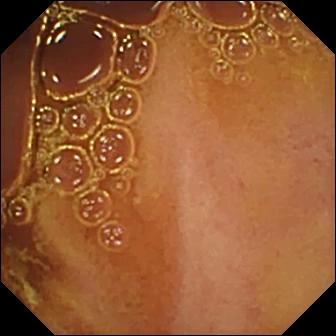WCE — normal clean mucosa.